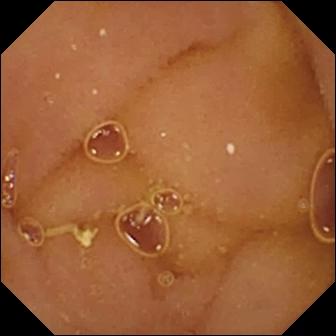This wireless capsule endoscopy image of the small bowel shows normal clean mucosa.